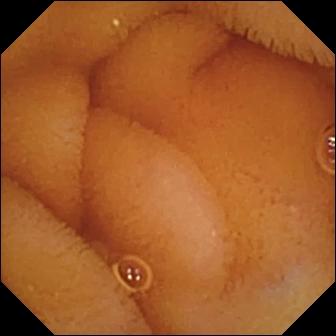Q: What does this capsule endoscopy image of the small bowel show?
A: Normal clean mucosa.